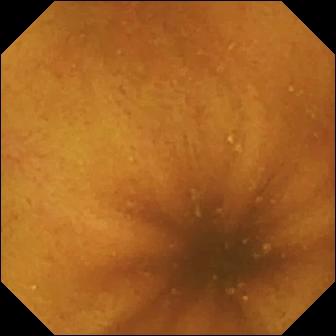VCE image showing normal clean mucosa.